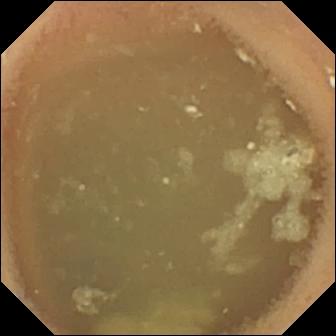- modality: WCE
- impression: normal clean mucosa